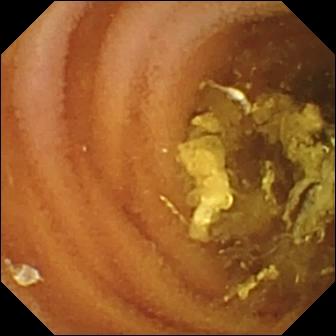Video capsule endoscopy snapshot, small intestine
Label: normal clean mucosa